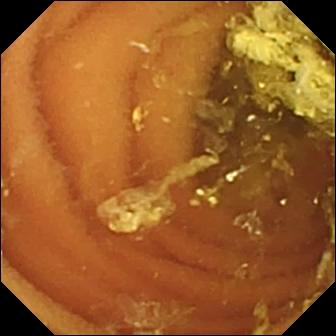Wireless capsule endoscopy — normal clean mucosa.